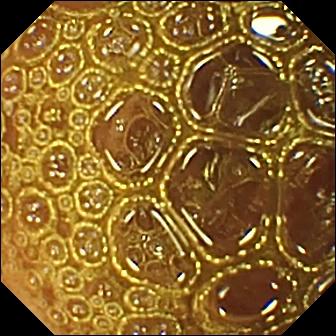Q: What does this VCE snapshot show?
A: Normal clean mucosa.